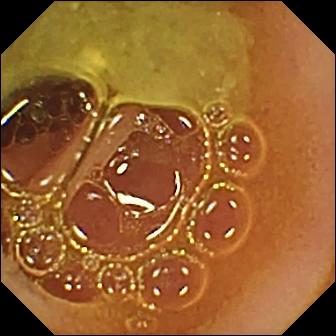- modality: capsule endoscopy
- category: luminal finding
- finding: normal clean mucosa